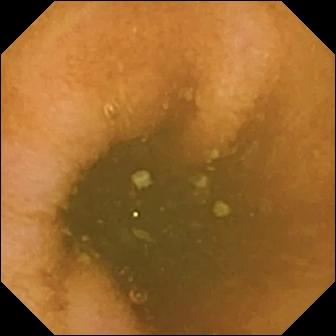Q: What does this wireless capsule endoscopy snapshot show?
A: Normal clean mucosa.